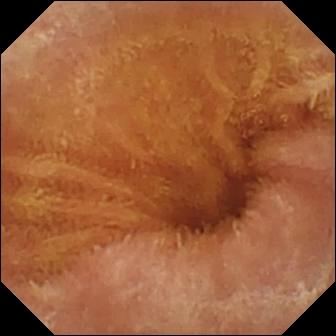Wireless capsule endoscopy view
Finding: normal clean mucosa